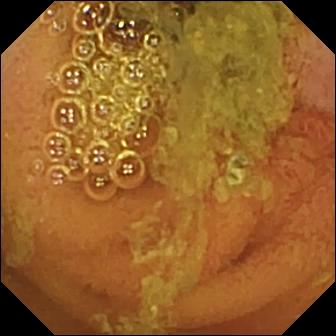Wireless capsule endoscopy. Small intestine. Label: normal clean mucosa.